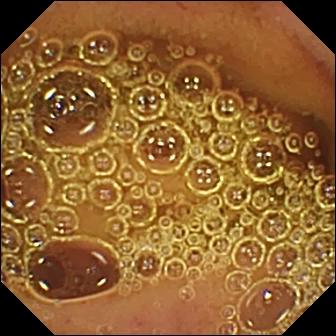This wireless capsule endoscopy frame of the small intestine shows normal clean mucosa.